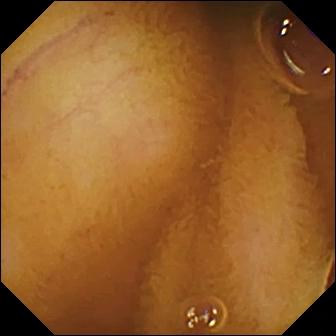- modality: video capsule endoscopy
- finding: normal clean mucosa